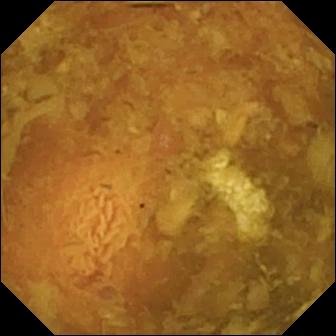Wireless capsule endoscopy. Label: reduced mucosal view (content or bubbles obscuring the mucosa).